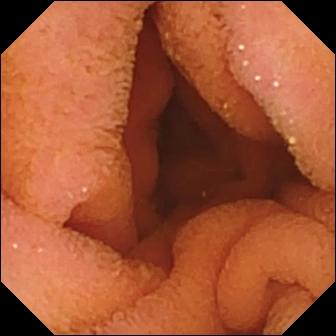Q: What does this wireless capsule endoscopy snapshot show?
A: Normal clean mucosa.